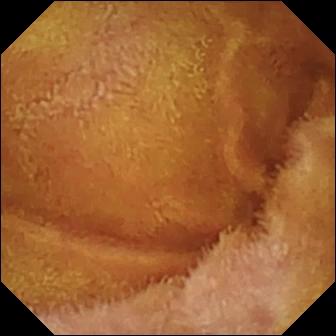This wireless capsule endoscopy still of the small bowel shows normal clean mucosa.